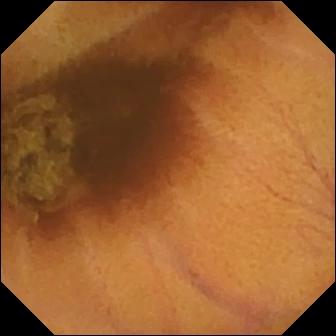Normal clean mucosa (336×336).